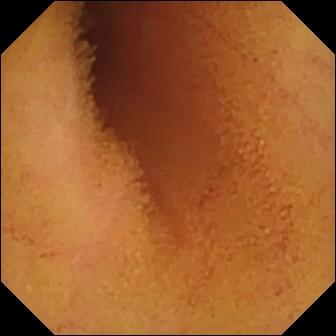VCE view, small intestine
Finding: normal clean mucosa